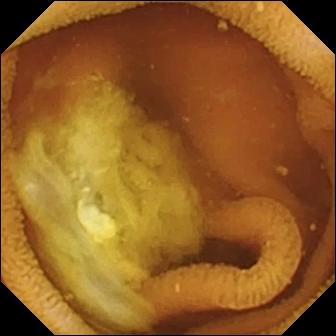Small-bowel capsule endoscopy image
Finding: normal clean mucosa